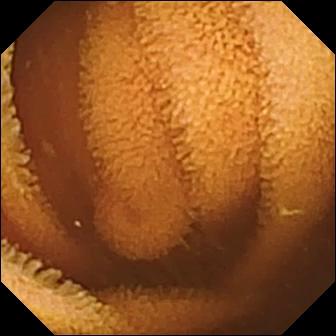PROCEDURE: Small-bowel capsule endoscopy.
SEGMENT: Small intestine.
FINDINGS: Normal clean mucosa.